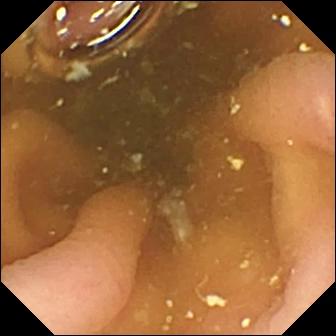- modality: wireless capsule endoscopy
- category: anatomical landmark
- location: pylorus region (where the capsule passes from the stomach into the small bowel)